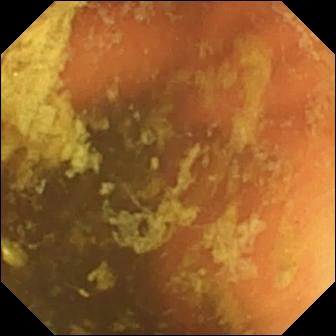Video capsule endoscopy — ileo-cecal valve region (where the capsule passes from the small bowel into the large bowel).